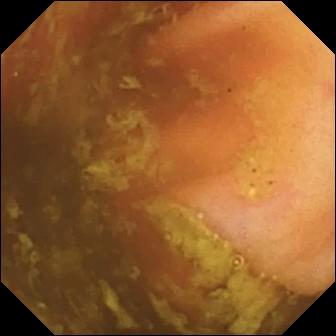modality: WCE
label: ileo-cecal valve region (the transition from the small bowel to the large bowel)